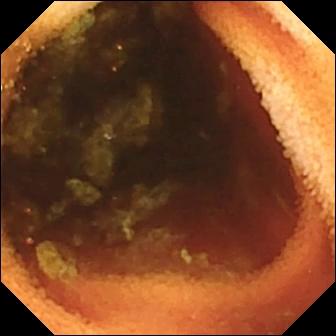Wireless capsule endoscopy view
Position: ileo-cecal valve region (where the capsule passes from the small bowel into the large bowel)